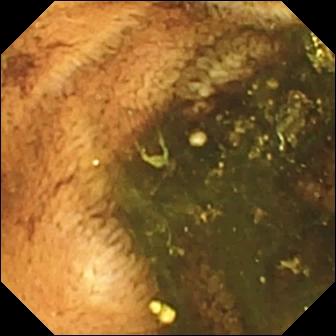PROCEDURE: Video capsule endoscopy.
POSITION: Ileo-cecal valve region.